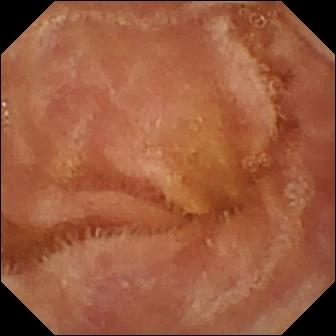{"modality": "video capsule endoscopy", "segment": "small intestine", "finding": "normal clean mucosa"}